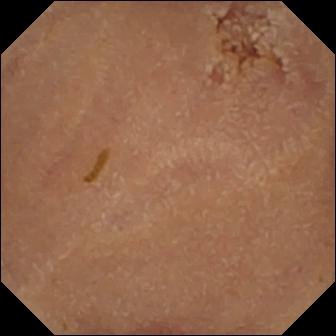Normal clean mucosa — small-bowel capsule endoscopy image.